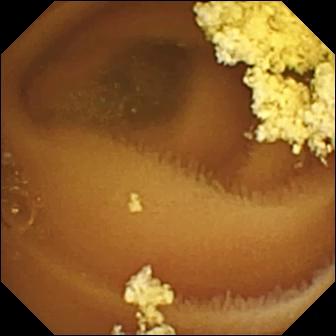Small-bowel capsule endoscopy view of the small intestine showing normal clean mucosa.